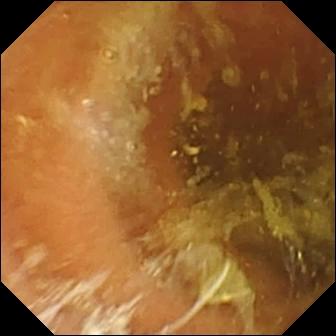Q: What does this small-bowel capsule endoscopy still show?
A: Normal clean mucosa.